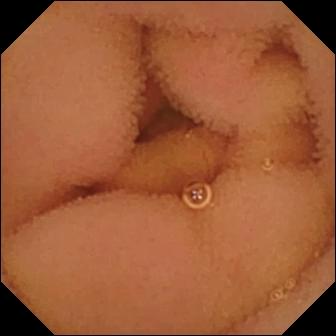PROCEDURE: Small-bowel capsule endoscopy.
FINDINGS: Normal clean mucosa.